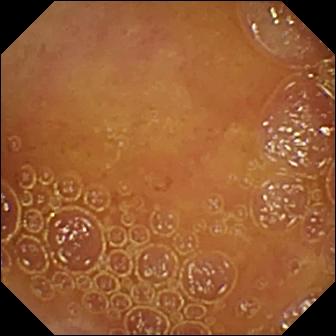Q: What does this VCE view show?
A: Normal clean mucosa.